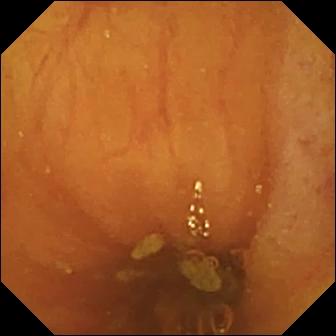VCE still taken in the ileo-cecal valve region (where the capsule passes from the small bowel into the large bowel).